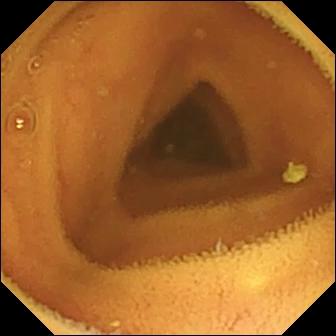- modality: VCE
- label: normal clean mucosa